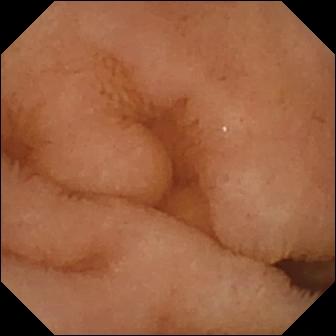VCE image showing normal clean mucosa.